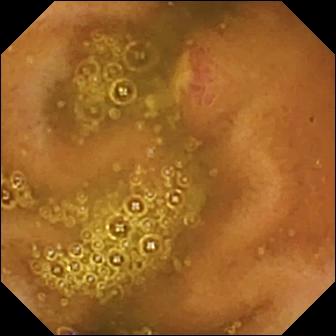{"modality": "video capsule endoscopy", "category": "luminal finding", "finding": "ulcer"}